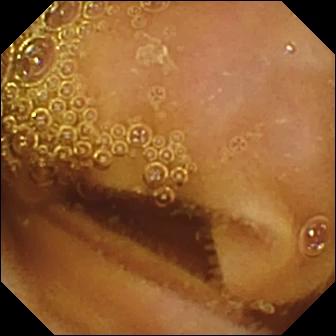VCE snapshot showing normal clean mucosa.